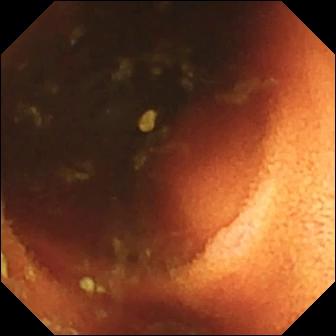PROCEDURE: Wireless capsule endoscopy.
POSITION: Ileo-cecal valve region (the transition from the small bowel to the large bowel).